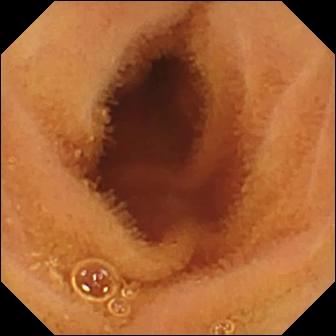- modality: VCE
- segment: small intestine
- label: normal clean mucosa